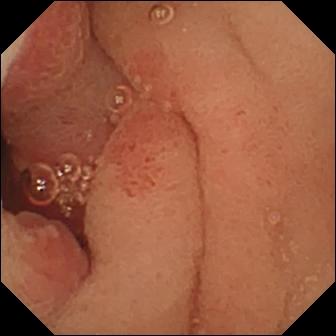- modality: small-bowel capsule endoscopy
- observation: ulcer